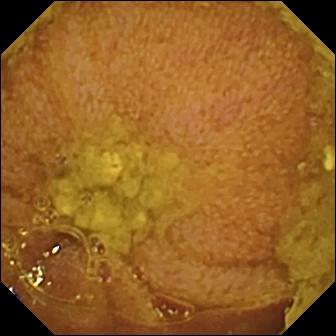Ileo-cecal valve region (the transition from the small bowel to the large bowel) — small-bowel capsule endoscopy view.